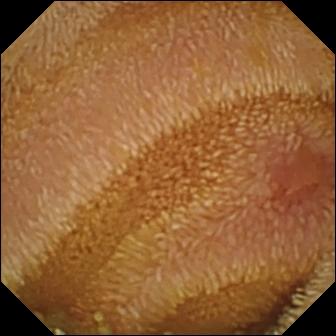Erosion — VCE view.